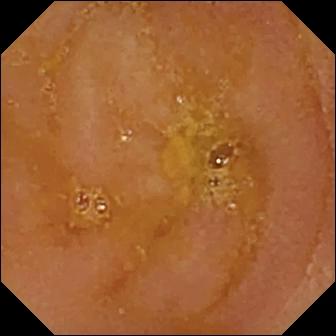modality: capsule endoscopy | impression: reduced mucosal view (content or bubbles obscuring the mucosa)